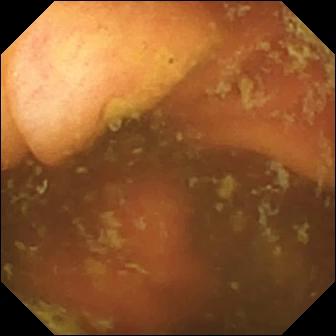Wireless capsule endoscopy. Label: ileo-cecal valve region (where the capsule passes from the small bowel into the large bowel).